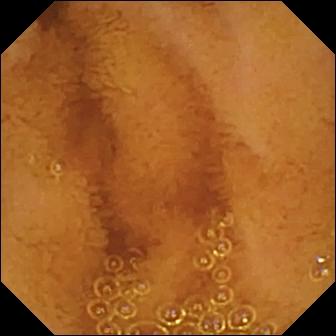Wireless capsule endoscopy — normal clean mucosa.